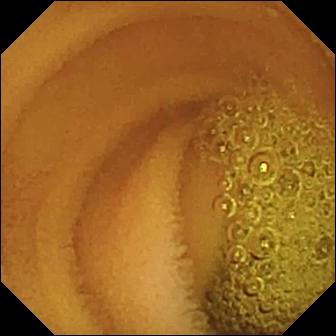This small-bowel capsule endoscopy frame of the small bowel shows normal clean mucosa.